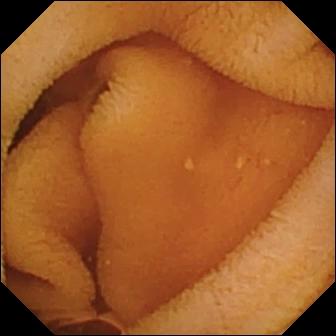PROCEDURE: VCE.
SEGMENT: Small intestine.
FINDINGS: Normal clean mucosa.